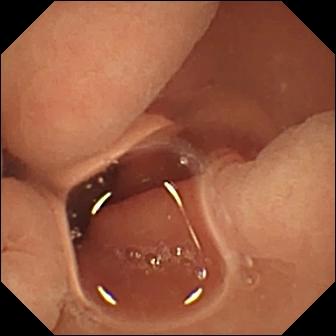PROCEDURE: Small-bowel capsule endoscopy.
FINDINGS: Normal clean mucosa.